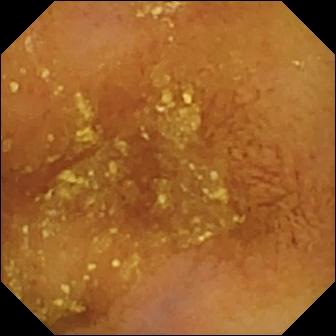VCE. Small intestine. Finding: normal clean mucosa.